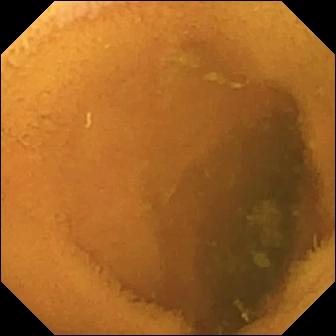WCE. Small bowel. Luminal finding. Observation: normal clean mucosa.